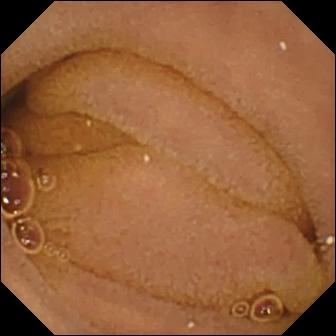This capsule endoscopy snapshot shows normal clean mucosa.